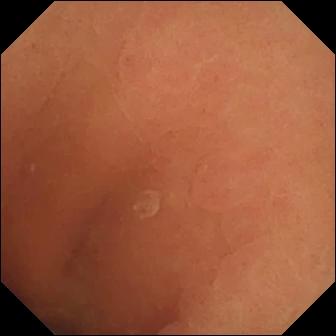Small-bowel capsule endoscopy. Label: normal clean mucosa.